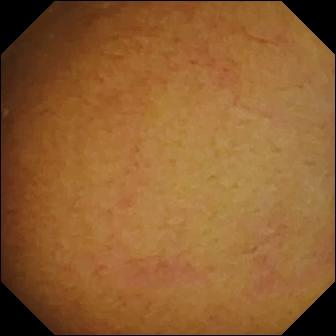Video capsule endoscopy. Impression: normal clean mucosa.